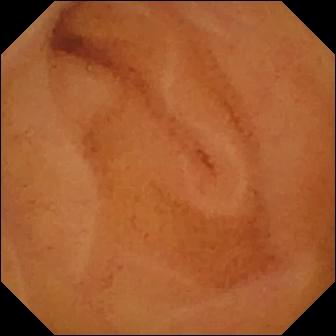modality: video capsule endoscopy | observation: normal clean mucosa